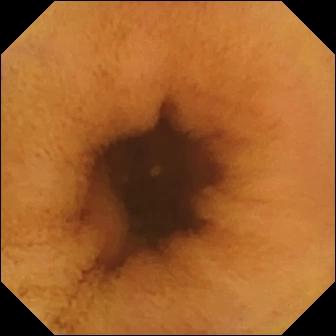Normal clean mucosa — WCE still of the small bowel.